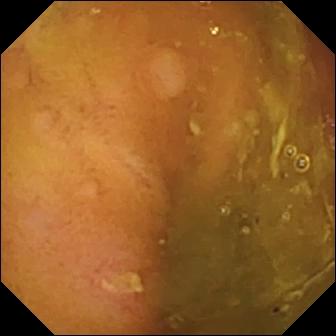- modality: wireless capsule endoscopy
- label: ulcer